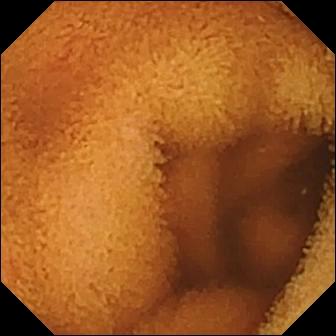This wireless capsule endoscopy image of the small intestine shows normal clean mucosa.